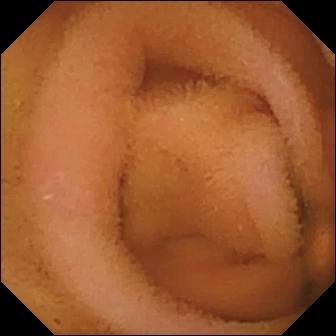modality: WCE; segment: small bowel; observation: normal clean mucosa